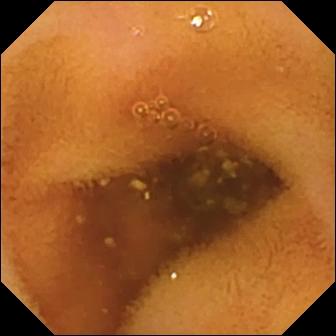Capsule endoscopy. Small bowel. Label: normal clean mucosa.